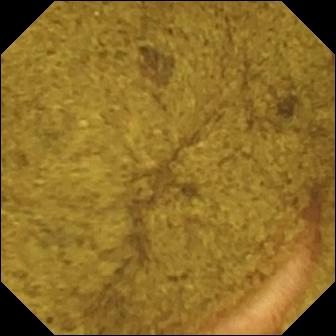PROCEDURE: VCE.
LOCATION: Ileo-cecal valve region (where the capsule passes from the small bowel into the large bowel).